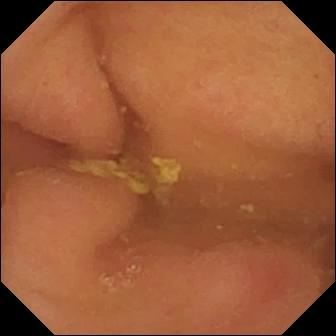This WCE image was taken in the pylorus region (where the capsule passes from the stomach into the small bowel).